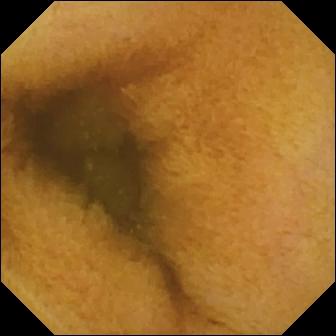Wireless capsule endoscopy — normal clean mucosa.